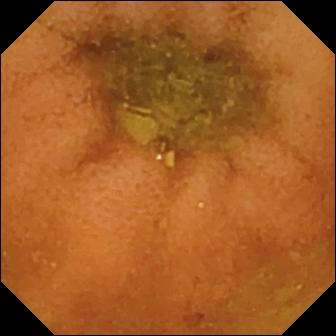modality: capsule endoscopy | impression: normal clean mucosa